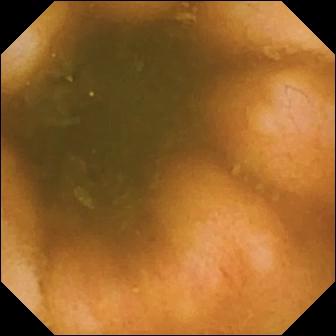Ileo-cecal valve region — small-bowel capsule endoscopy view.